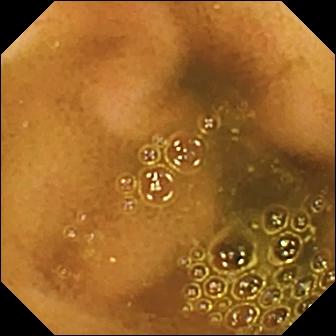Video capsule endoscopy — ileo-cecal valve region (where the capsule passes from the small bowel into the large bowel).